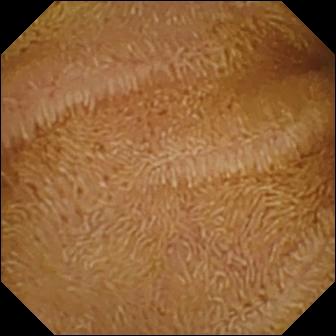Q: What does this video capsule endoscopy still show?
A: Normal clean mucosa.